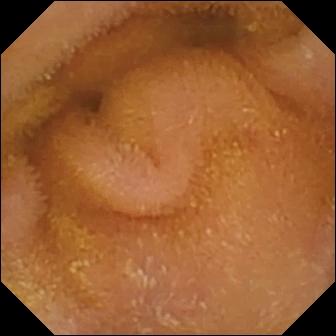Capsule endoscopy view, 336×336. Normal clean mucosa.